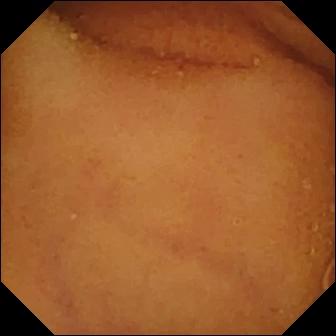Normal clean mucosa — WCE image of the small intestine.